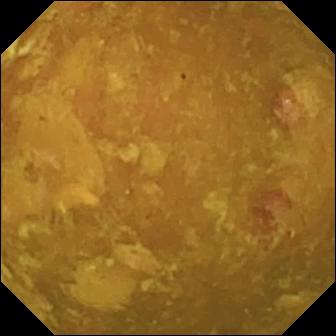{"modality": "VCE", "finding": "reduced mucosal view (content or bubbles obscuring the mucosa)"}